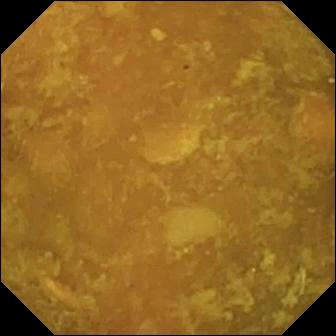This wireless capsule endoscopy view shows reduced mucosal view (content or bubbles obscuring the mucosa).